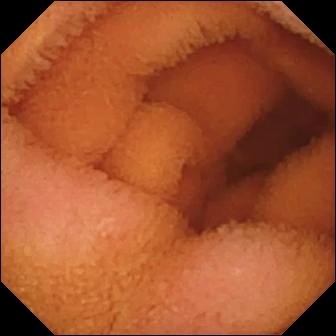modality: capsule endoscopy | impression: normal clean mucosa